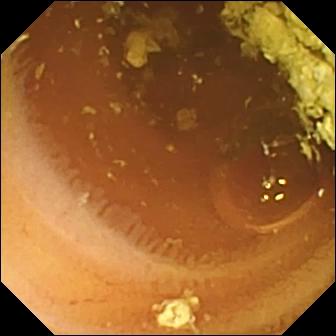{"modality": "video capsule endoscopy", "finding": "normal clean mucosa"}